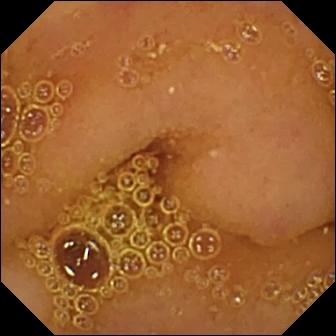Small-bowel capsule endoscopy. Small intestine. Impression: normal clean mucosa.